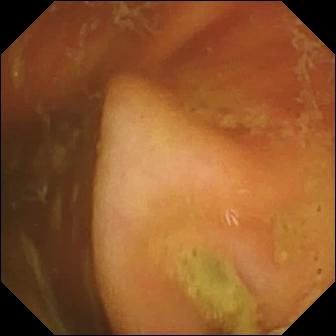Ileo-cecal valve region (the transition from the small bowel to the large bowel).